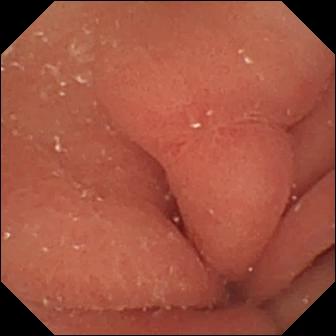- modality: WCE
- category: luminal finding
- observation: erosion